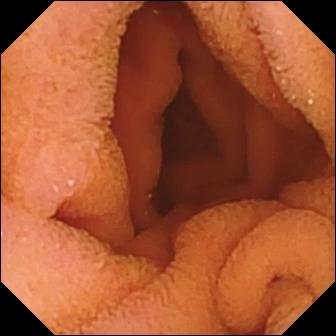{"modality": "VCE", "finding": "normal clean mucosa"}